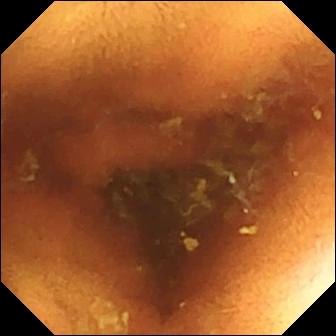Normal clean mucosa.